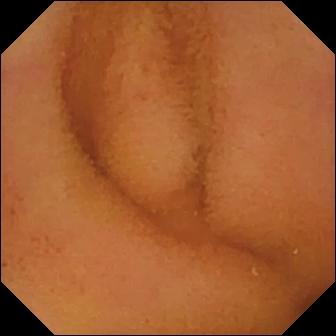Video capsule endoscopy. Small intestine. Label: normal clean mucosa.